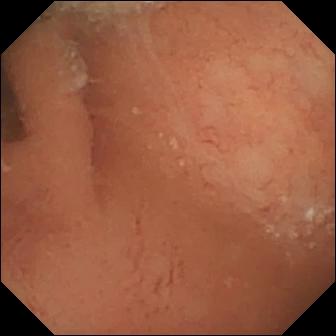VCE frame. Normal clean mucosa.